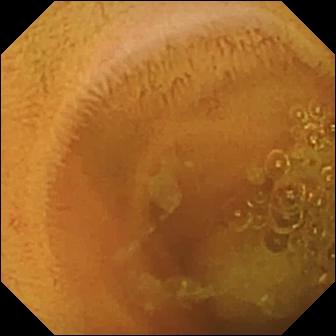Wireless capsule endoscopy. Impression: normal clean mucosa.